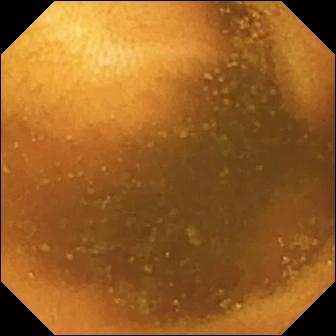Video capsule endoscopy frame. Normal clean mucosa.